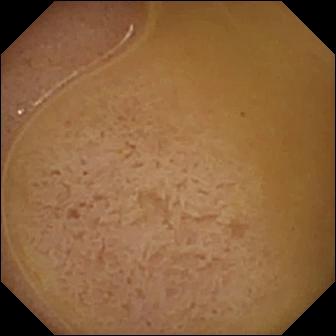- modality: VCE
- category: anatomical landmark
- label: ileo-cecal valve region (where the capsule passes from the small bowel into the large bowel)